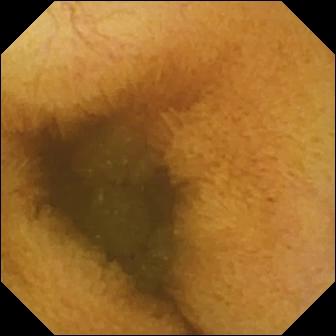Normal clean mucosa.